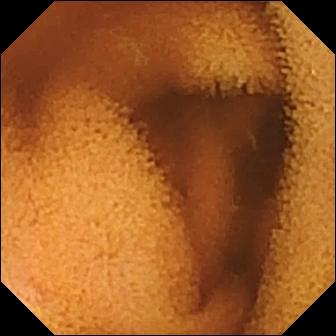Wireless capsule endoscopy. Label: normal clean mucosa.